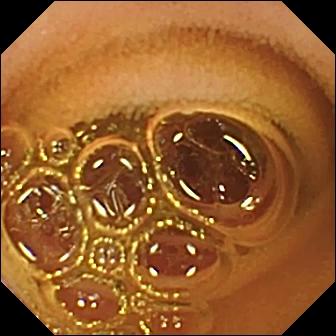WCE snapshot, small intestine
Label: normal clean mucosa